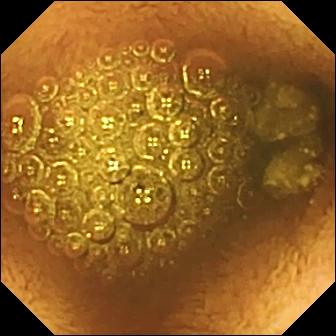Small-bowel capsule endoscopy still, 336×336. Reduced mucosal view (content or bubbles obscuring the mucosa).